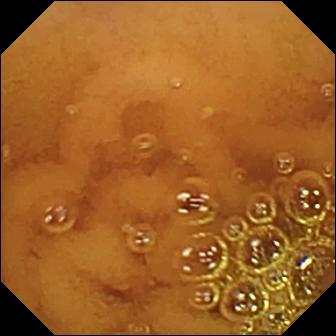Q: What does this capsule endoscopy snapshot show?
A: Normal clean mucosa.